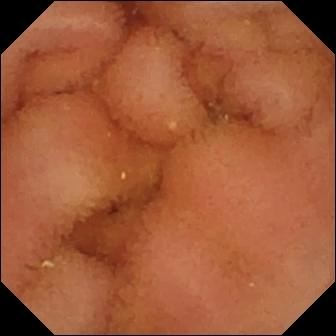- modality: capsule endoscopy
- segment: small bowel
- label: normal clean mucosa